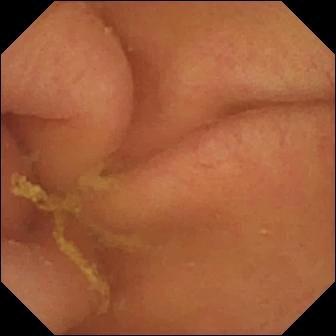Pylorus region (where the capsule passes from the stomach into the small bowel) — capsule endoscopy snapshot.